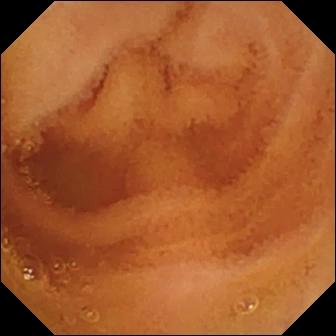- modality: WCE
- segment: small bowel
- observation: normal clean mucosa